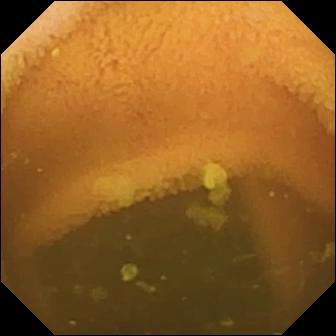Normal clean mucosa.